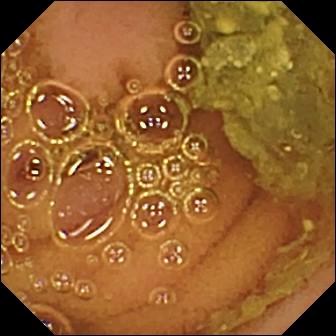Wireless capsule endoscopy. Impression: normal clean mucosa.